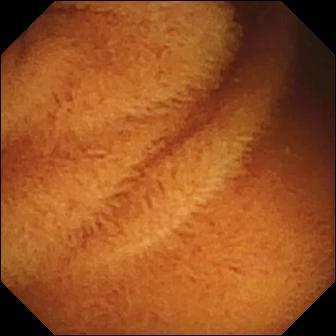This wireless capsule endoscopy frame of the small bowel shows normal clean mucosa.